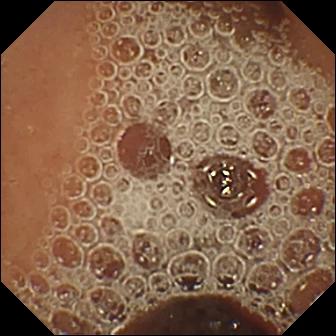PROCEDURE: Wireless capsule endoscopy.
FINDINGS: Normal clean mucosa.